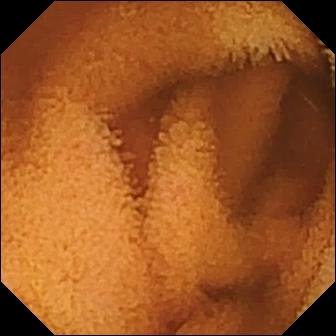This wireless capsule endoscopy view of the small intestine shows normal clean mucosa.